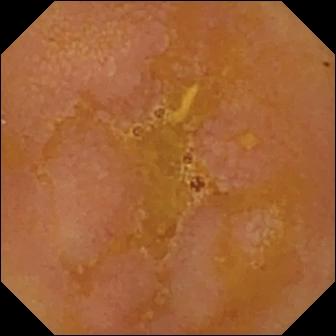VCE image
Label: reduced mucosal view (content or bubbles obscuring the mucosa)